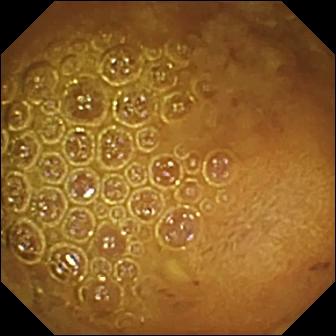Small-bowel capsule endoscopy view, small intestine
Observation: reduced mucosal view (content or bubbles obscuring the mucosa)